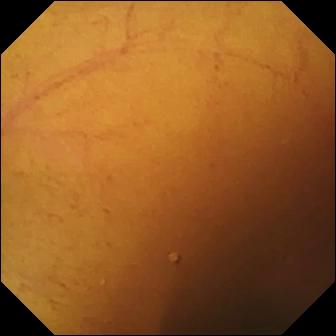Capsule endoscopy snapshot (small intestine), 336×336. Normal clean mucosa.